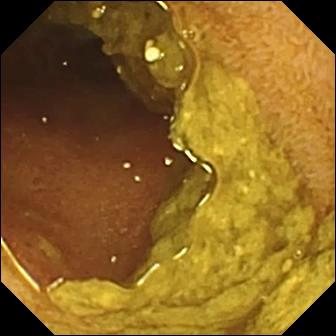PROCEDURE: WCE.
LABEL: Ileo-cecal valve region (where the capsule passes from the small bowel into the large bowel).